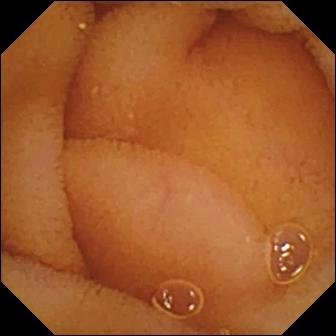VCE snapshot of the small intestine showing normal clean mucosa.